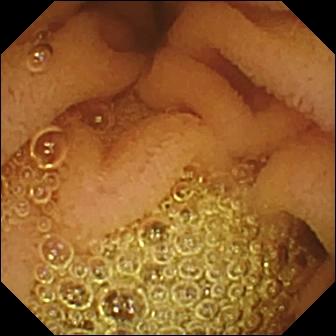Normal clean mucosa — small-bowel capsule endoscopy snapshot of the small intestine.